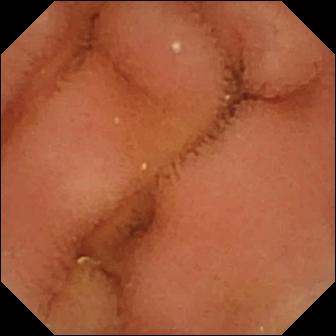modality: wireless capsule endoscopy
segment: small bowel
category: luminal finding
label: normal clean mucosa